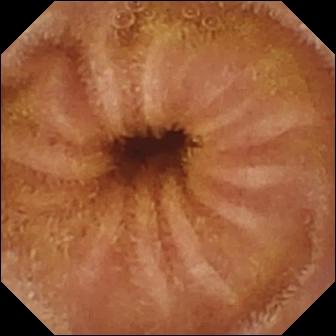Normal clean mucosa — small-bowel capsule endoscopy still of the small bowel.